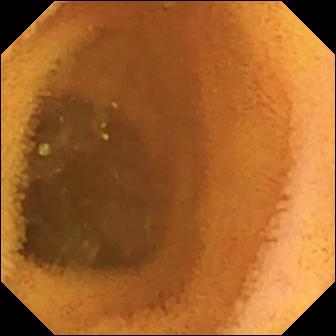- modality: VCE
- observation: normal clean mucosa